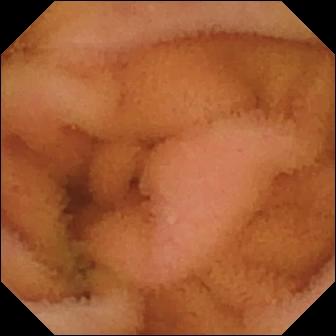Q: What does this WCE snapshot of the small bowel show?
A: Normal clean mucosa.